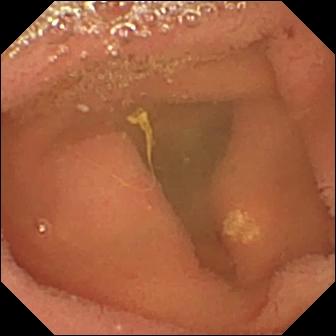modality: wireless capsule endoscopy | impression: lymphangiectasia